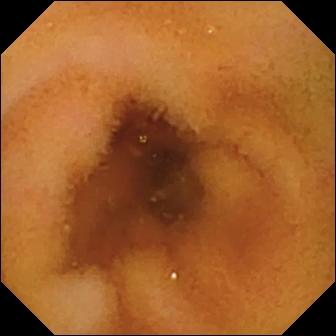This video capsule endoscopy frame of the small intestine shows normal clean mucosa.